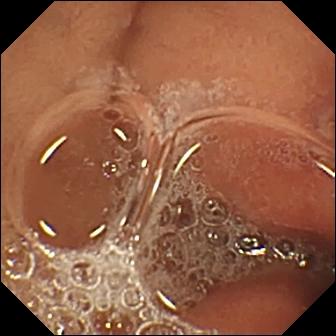WCE snapshot
Observation: erosion